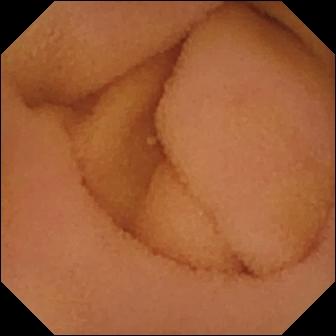VCE — normal clean mucosa.